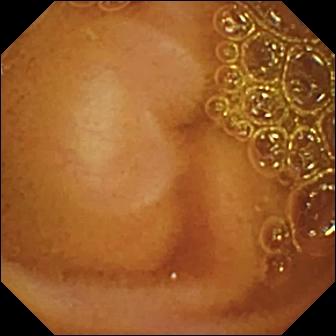Normal clean mucosa (336×336).